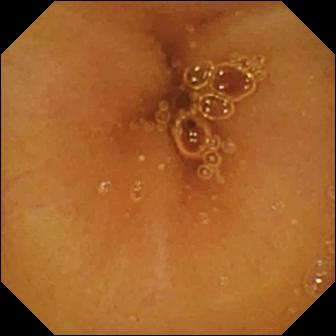Normal clean mucosa — wireless capsule endoscopy still of the small intestine.